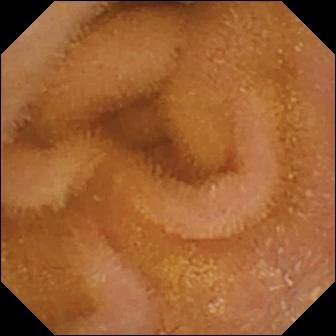modality: WCE | impression: normal clean mucosa